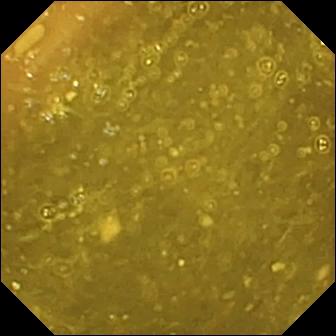Q: Where in the digestive tract was this small-bowel capsule endoscopy still taken?
A: Ileo-cecal valve region (the transition from the small bowel to the large bowel).